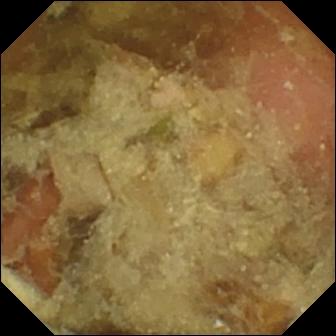modality: wireless capsule endoscopy
video segment: pylorus region (where the capsule passes from the stomach into the small bowel)